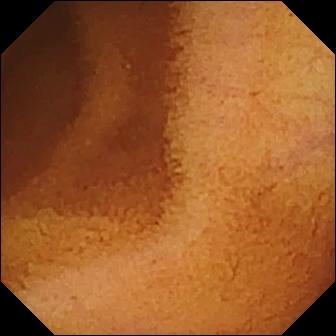WCE image, 336×336. Normal clean mucosa.